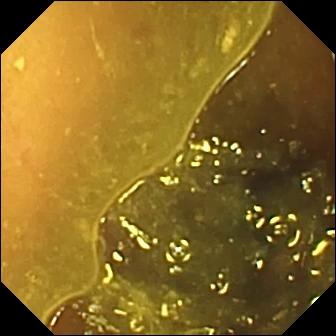Ileo-cecal valve region (where the capsule passes from the small bowel into the large bowel) — VCE image.